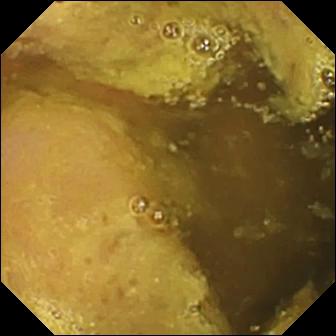Capsule endoscopy snapshot. Taken in the ileo-cecal valve region.